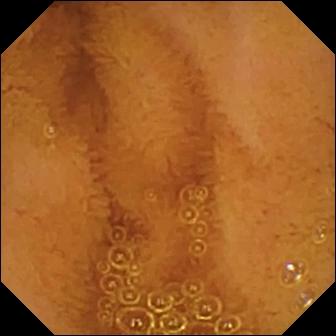Normal clean mucosa — WCE still of the small intestine.